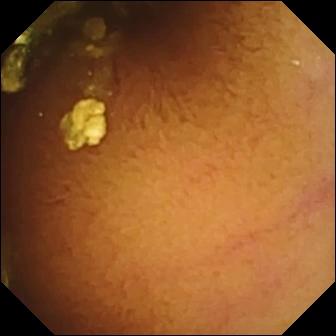Normal clean mucosa — small-bowel capsule endoscopy view.